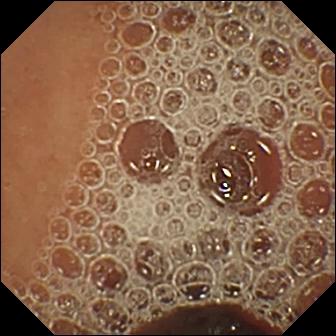Normal clean mucosa.